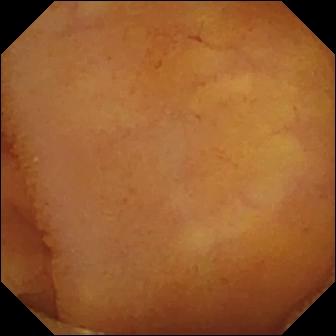Normal clean mucosa.